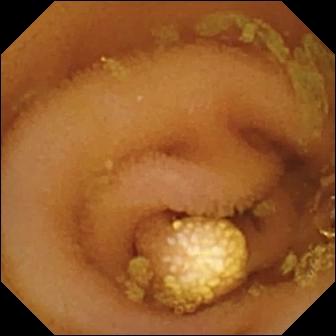PROCEDURE: Small-bowel capsule endoscopy.
FINDINGS: Lymphangiectasia.